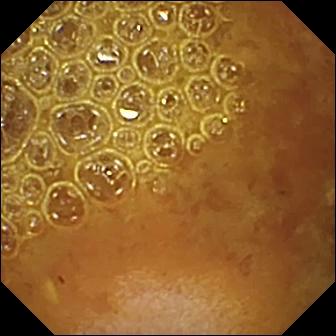WCE image (small intestine). Reduced mucosal view (content or bubbles obscuring the mucosa).